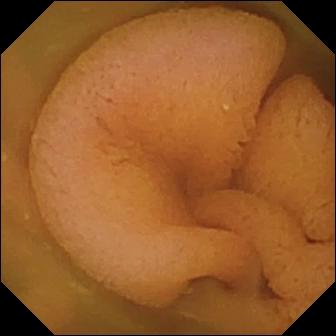Video capsule endoscopy snapshot (small intestine). Normal clean mucosa.